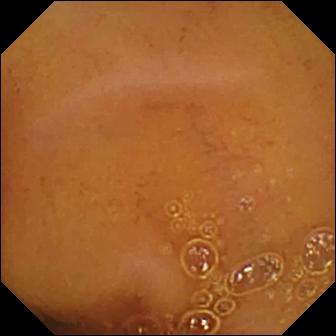PROCEDURE: VCE.
FINDINGS: Normal clean mucosa.